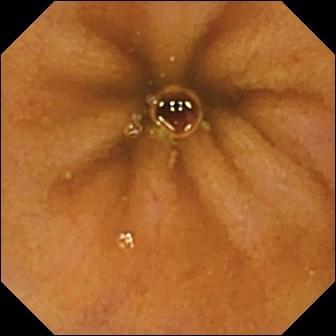Small-bowel capsule endoscopy frame showing normal clean mucosa.